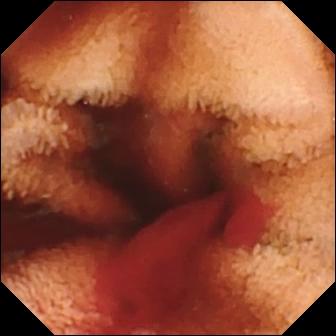Capsule endoscopy — fresh blood in the lumen.